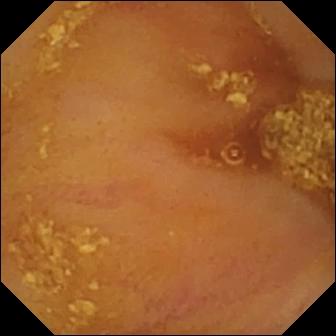{"modality": "small-bowel capsule endoscopy", "category": "anatomical landmark", "location": "ileo-cecal valve region"}